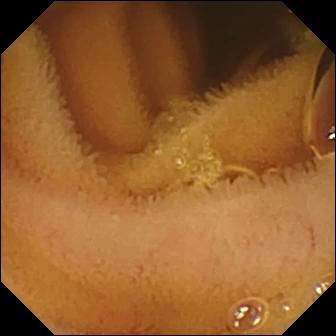Normal clean mucosa — video capsule endoscopy frame of the small bowel.